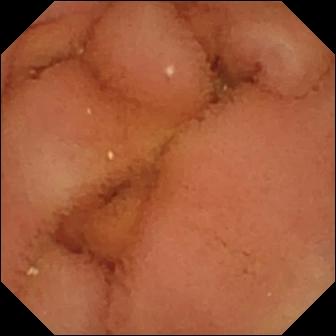Wireless capsule endoscopy — normal clean mucosa.